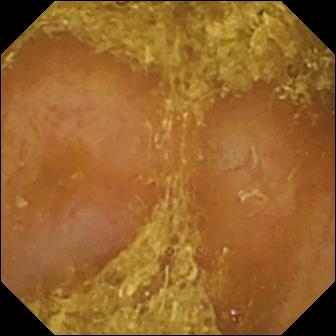- modality: small-bowel capsule endoscopy
- finding: reduced mucosal view (content or bubbles obscuring the mucosa)